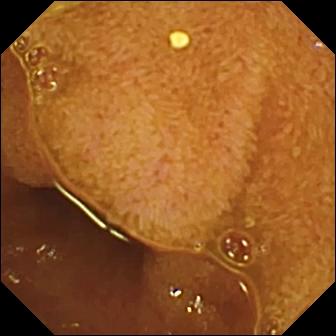Ileo-cecal valve region (the transition from the small bowel to the large bowel), 336×336.